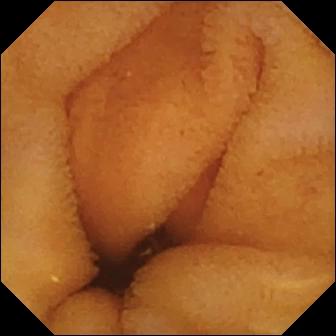Q: What does this capsule endoscopy still of the small bowel show?
A: Normal clean mucosa.